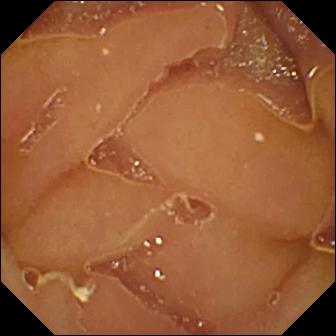Capsule endoscopy view (small bowel). Normal clean mucosa.